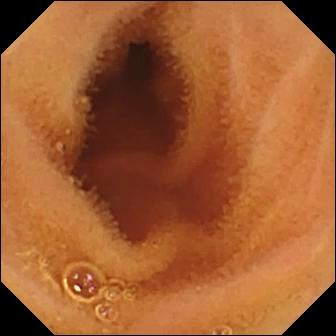Capsule endoscopy snapshot, 336×336. Normal clean mucosa.